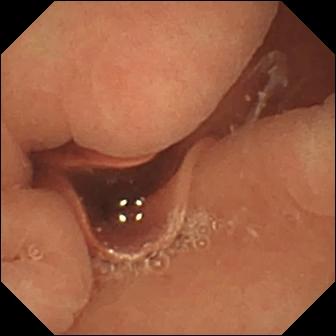Normal clean mucosa (336×336).